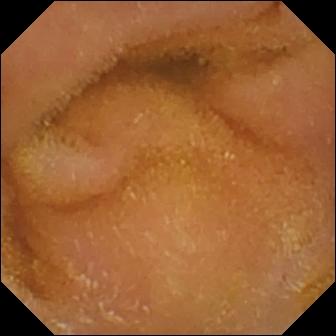modality: WCE | segment: small intestine | impression: normal clean mucosa